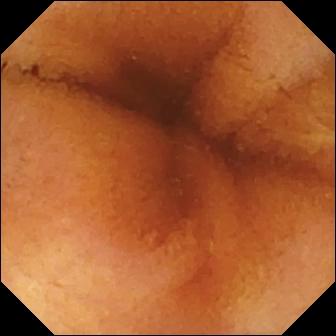modality: WCE
label: normal clean mucosa